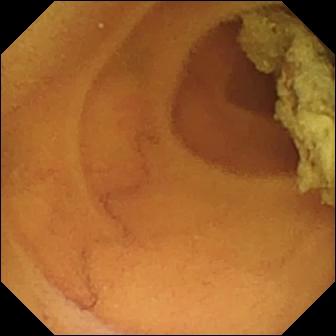This wireless capsule endoscopy image of the small intestine shows normal clean mucosa.